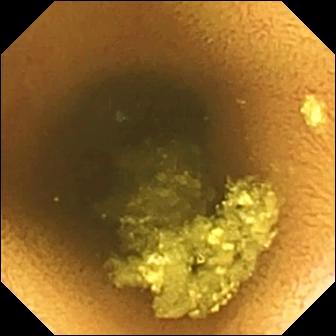Capsule endoscopy. Small intestine. Finding: normal clean mucosa.